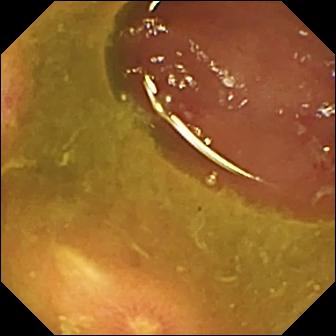VCE. Impression: ulcer.